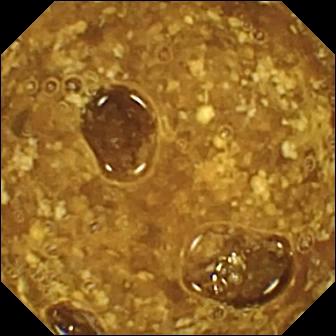Video capsule endoscopy — reduced mucosal view (content or bubbles obscuring the mucosa).